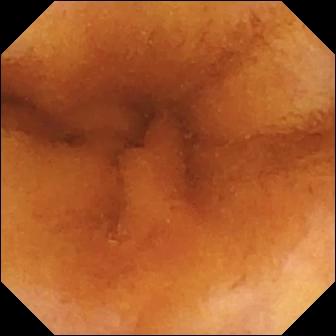This VCE frame shows normal clean mucosa.